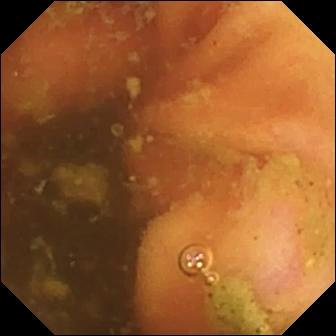Capsule endoscopy snapshot. Taken in the ileo-cecal valve region (where the capsule passes from the small bowel into the large bowel).